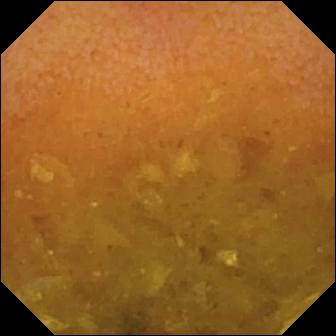Reduced mucosal view (content or bubbles obscuring the mucosa) — WCE image.